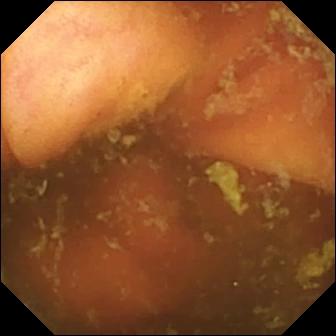Small-bowel capsule endoscopy image
Location: ileo-cecal valve region (the transition from the small bowel to the large bowel)